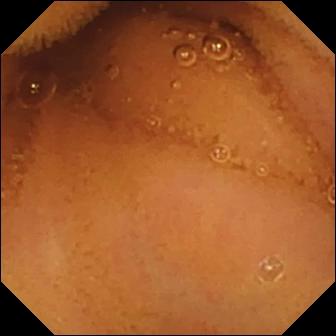{"modality": "VCE", "category": "luminal finding", "finding": "normal clean mucosa"}